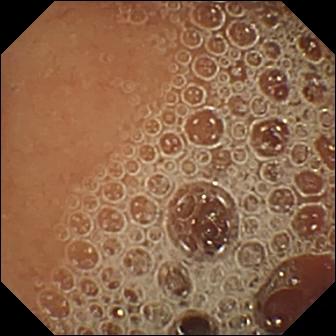Normal clean mucosa — capsule endoscopy snapshot.